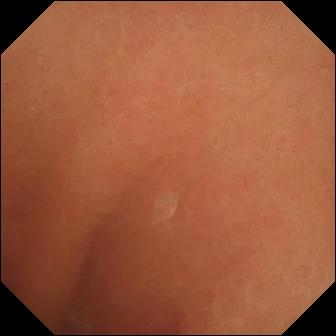Normal clean mucosa — capsule endoscopy view.